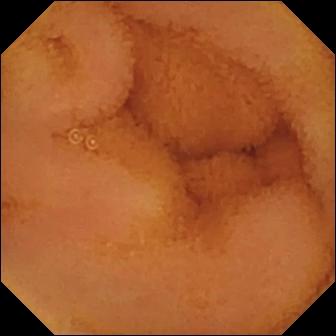Q: What does this video capsule endoscopy frame of the small bowel show?
A: Normal clean mucosa.